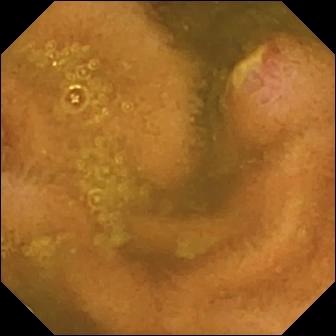This wireless capsule endoscopy view shows ulcer.